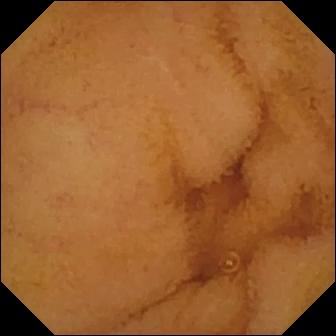Normal clean mucosa — capsule endoscopy image of the small intestine.